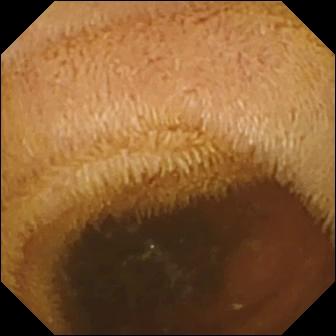- modality: VCE
- finding: normal clean mucosa